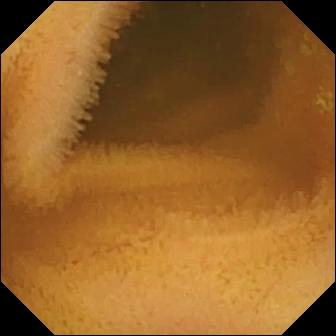{"modality": "VCE", "finding": "normal clean mucosa"}